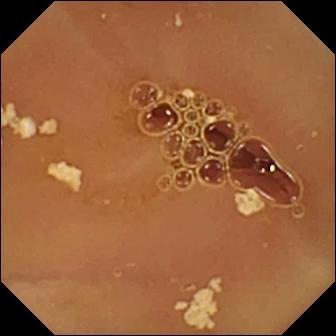Wireless capsule endoscopy — normal clean mucosa.